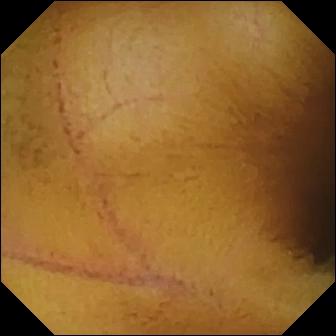VCE image showing normal clean mucosa.